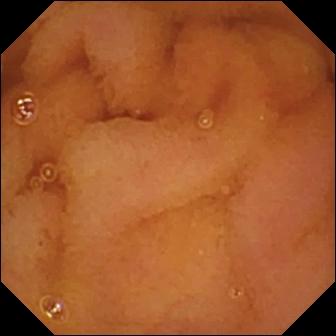Capsule endoscopy — normal clean mucosa.